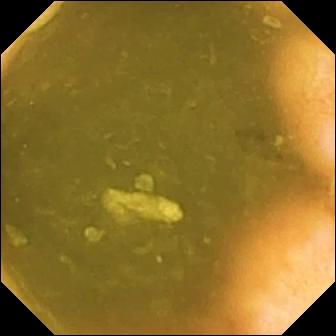PROCEDURE: Small-bowel capsule endoscopy.
VIDEO SEGMENT: Ileo-cecal valve region.